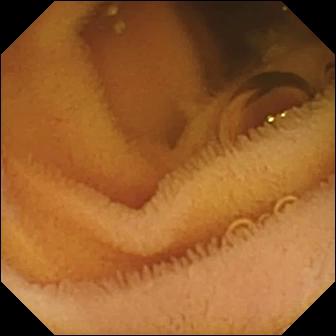Normal clean mucosa — wireless capsule endoscopy snapshot of the small intestine.